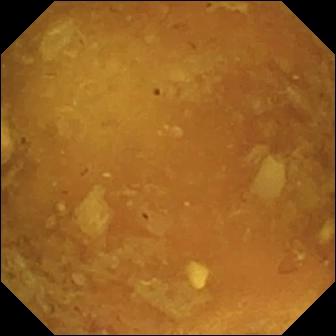PROCEDURE: Wireless capsule endoscopy.
SEGMENT: Small bowel.
FINDINGS: Reduced mucosal view (content or bubbles obscuring the mucosa).